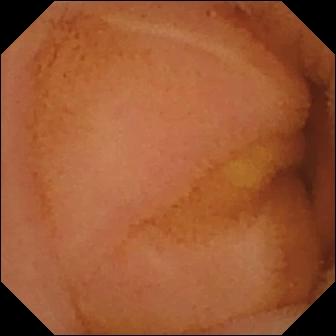Video capsule endoscopy — normal clean mucosa.